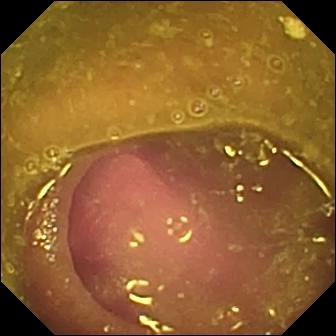{"modality": "capsule endoscopy", "category": "luminal finding", "finding": "reduced mucosal view (content or bubbles obscuring the mucosa)"}